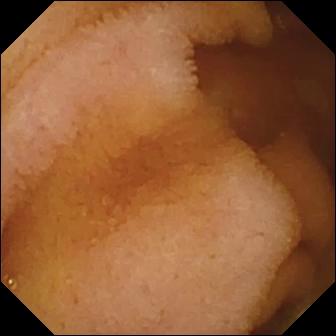Small-bowel capsule endoscopy — normal clean mucosa.